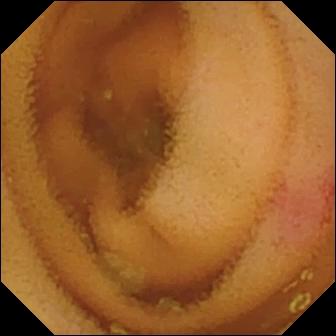Wireless capsule endoscopy still. Angiectasia.